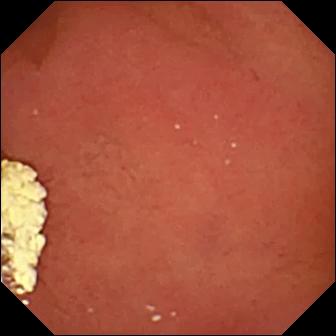Pylorus region (where the capsule passes from the stomach into the small bowel) — WCE image.